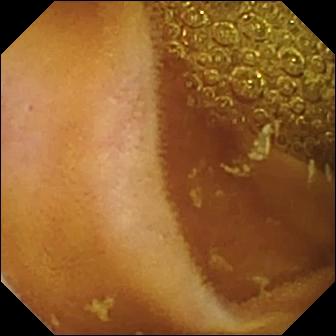Q: What does this video capsule endoscopy view of the small bowel show?
A: Normal clean mucosa.